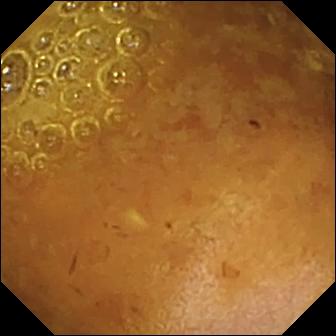WCE snapshot showing reduced mucosal view (content or bubbles obscuring the mucosa).